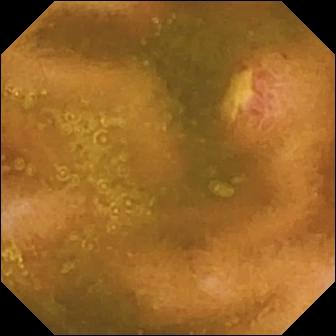WCE — ulcer.